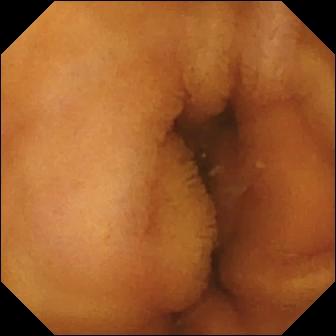WCE — normal clean mucosa.